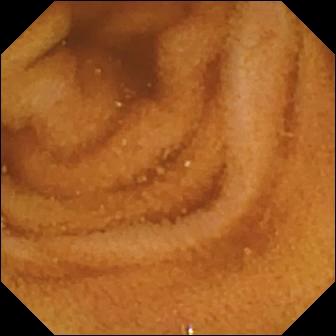VCE snapshot. Normal clean mucosa.